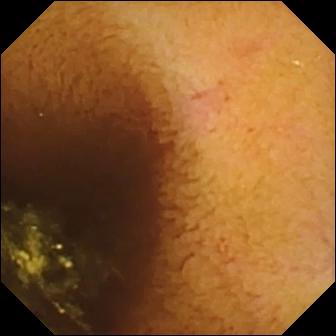Normal clean mucosa.